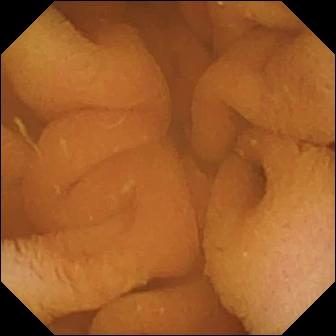VCE still of the small intestine showing normal clean mucosa.